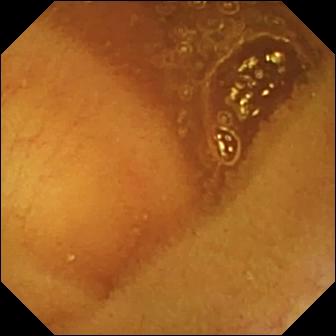Small-bowel capsule endoscopy image of the small bowel showing normal clean mucosa.